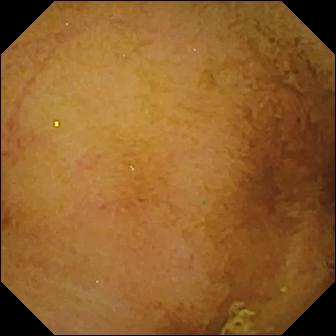Q: What does this WCE image show?
A: Normal clean mucosa.